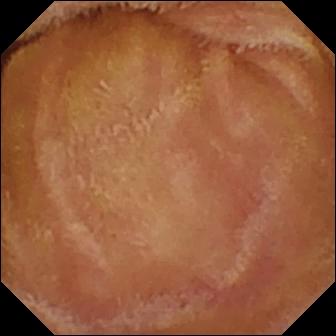Wireless capsule endoscopy image, 336×336. Normal clean mucosa.